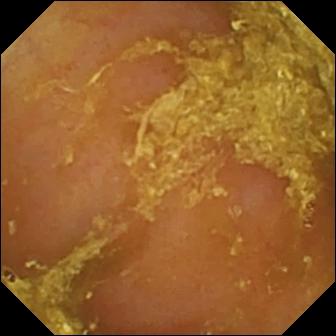Video capsule endoscopy snapshot. Reduced mucosal view (content or bubbles obscuring the mucosa).